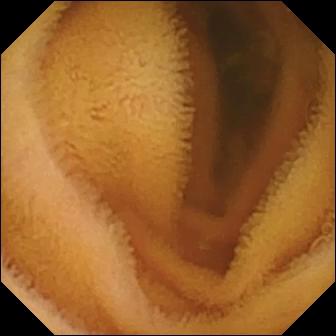Normal clean mucosa — wireless capsule endoscopy still.